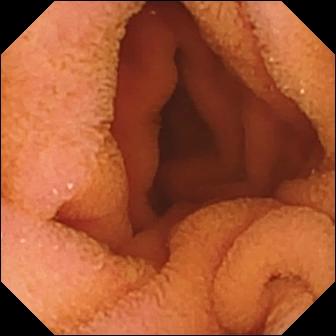Wireless capsule endoscopy frame (small bowel). Normal clean mucosa.